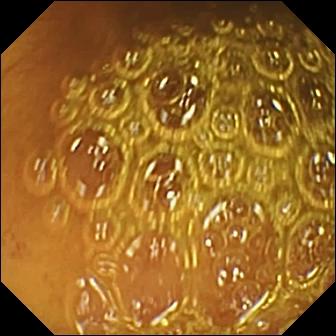This VCE still shows normal clean mucosa.